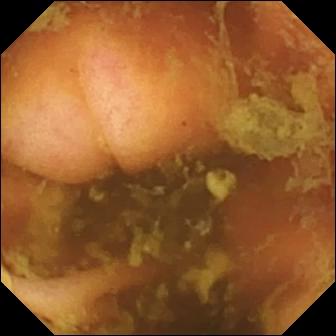Wireless capsule endoscopy still taken in the ileo-cecal valve region (the transition from the small bowel to the large bowel).